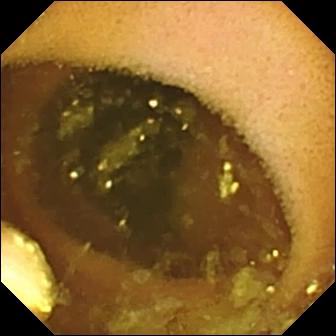Wireless capsule endoscopy snapshot
Observation: lymphangiectasia